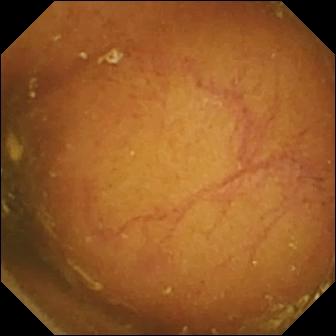{"modality": "capsule endoscopy", "position": "ileo-cecal valve region (the transition from the small bowel to the large bowel)"}